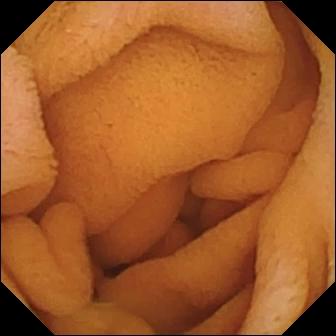VCE frame showing normal clean mucosa.